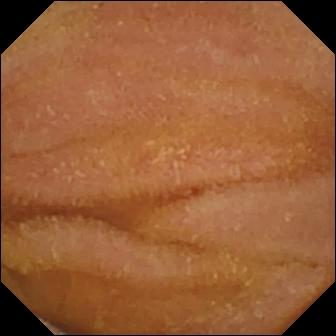Video capsule endoscopy image, small bowel
Impression: normal clean mucosa